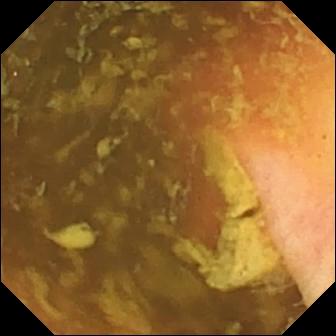Wireless capsule endoscopy still
Video segment: ileo-cecal valve region